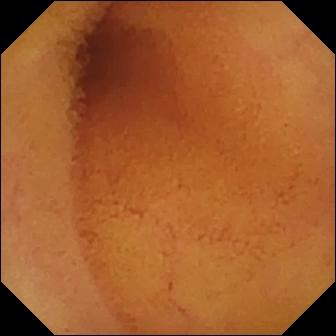{"modality": "WCE", "finding": "normal clean mucosa"}